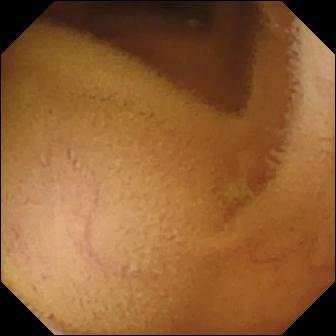This wireless capsule endoscopy image shows normal clean mucosa.